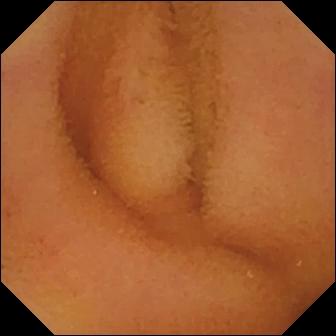Normal clean mucosa — capsule endoscopy frame.